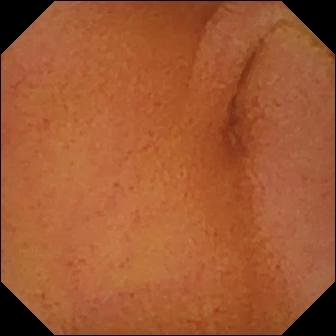WCE image, small intestine
Observation: normal clean mucosa